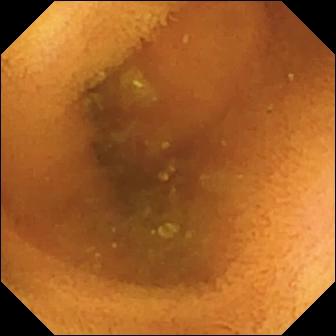PROCEDURE: Video capsule endoscopy.
FINDINGS: Normal clean mucosa.